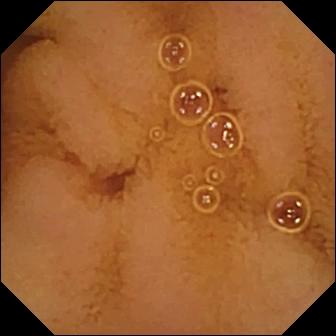This small-bowel capsule endoscopy image of the small intestine shows normal clean mucosa.